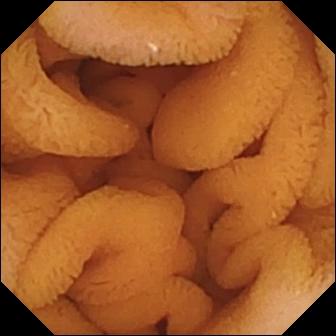Small-bowel capsule endoscopy frame, small bowel
Label: normal clean mucosa